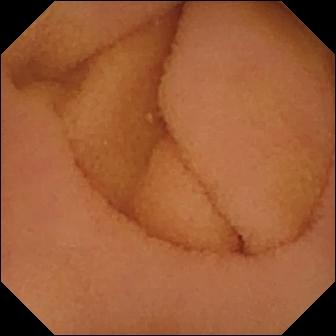WCE view showing normal clean mucosa.